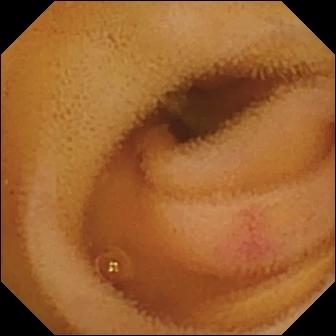WCE — angiectasia.